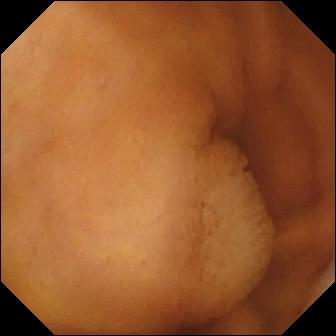- modality: small-bowel capsule endoscopy
- category: luminal finding
- impression: normal clean mucosa